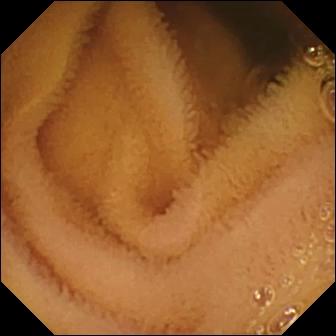Q: What does this video capsule endoscopy image of the small intestine show?
A: Normal clean mucosa.